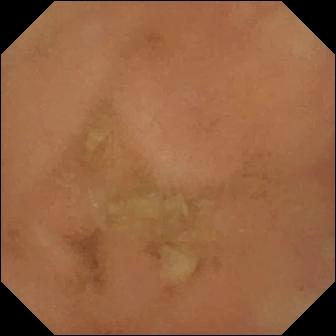- modality: video capsule endoscopy
- category: luminal finding
- observation: normal clean mucosa